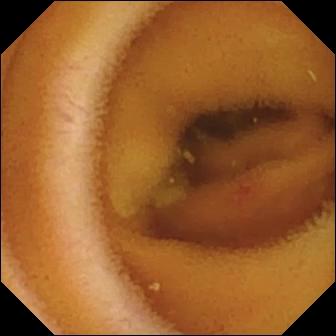PROCEDURE: VCE.
FINDINGS: Angiectasia.